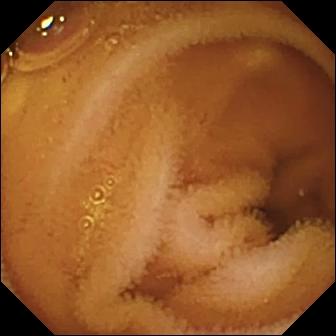modality: capsule endoscopy
segment: small intestine
impression: normal clean mucosa